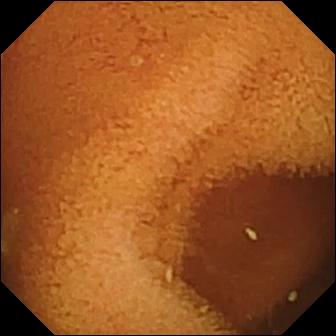Normal clean mucosa.